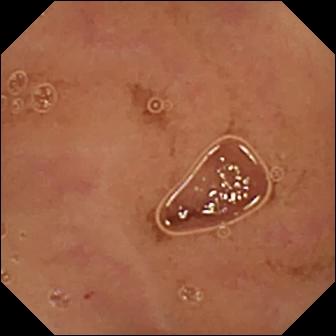modality: wireless capsule endoscopy; label: normal clean mucosa